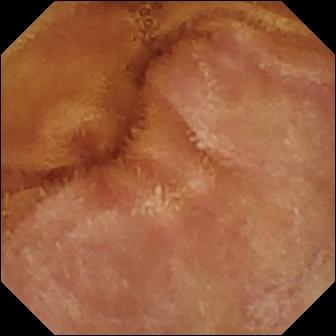This video capsule endoscopy still shows normal clean mucosa.